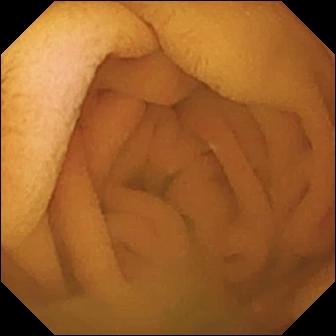Q: What does this capsule endoscopy view show?
A: Normal clean mucosa.